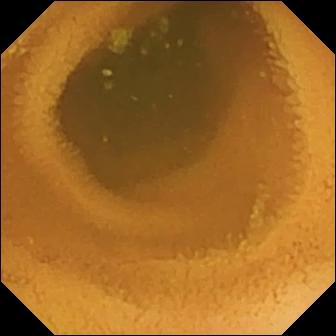Capsule endoscopy still of the small intestine showing normal clean mucosa.